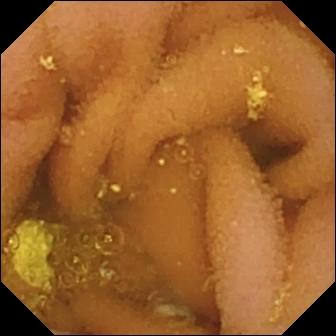This capsule endoscopy snapshot shows lymphangiectasia.